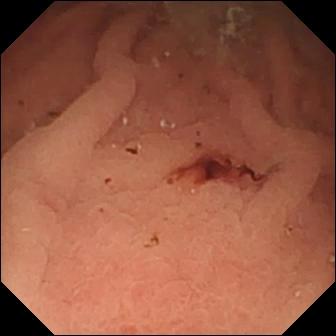- modality: VCE
- finding: fresh blood in the lumen